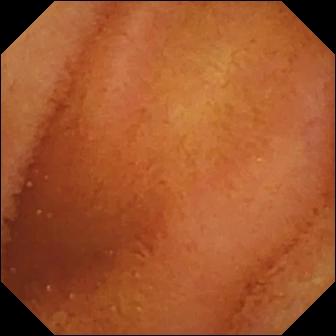Video capsule endoscopy. Small intestine. Label: normal clean mucosa.